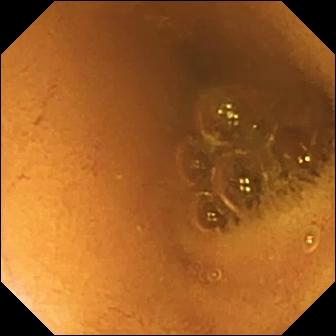Video capsule endoscopy snapshot. Normal clean mucosa.